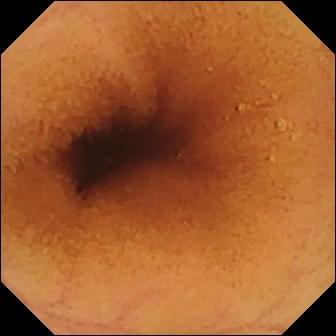WCE — normal clean mucosa.